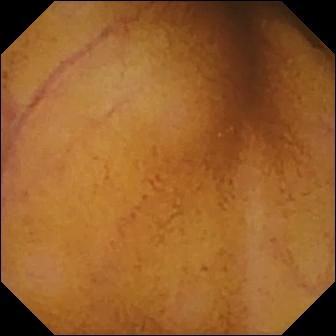Q: What does this small-bowel capsule endoscopy still of the small bowel show?
A: Normal clean mucosa.